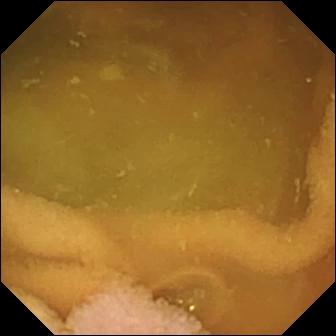Capsule endoscopy frame. Normal clean mucosa.